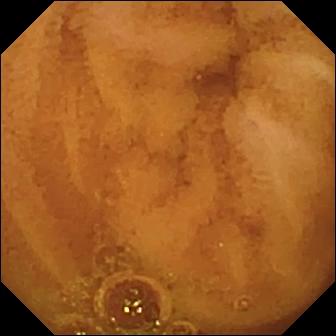{"modality": "small-bowel capsule endoscopy", "segment": "small intestine", "finding": "normal clean mucosa"}